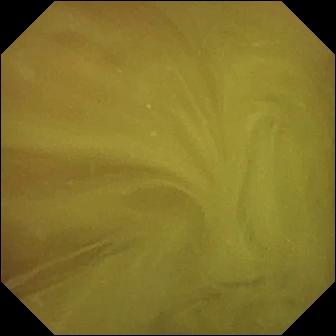- modality: WCE
- finding: normal clean mucosa